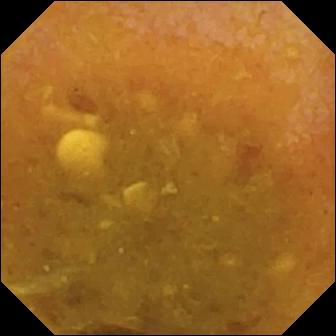PROCEDURE: WCE.
SEGMENT: Small bowel.
FINDINGS: Reduced mucosal view (content or bubbles obscuring the mucosa).